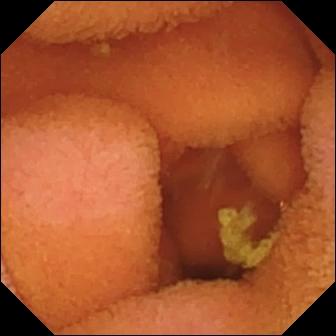Small-bowel capsule endoscopy view (small bowel). Normal clean mucosa.